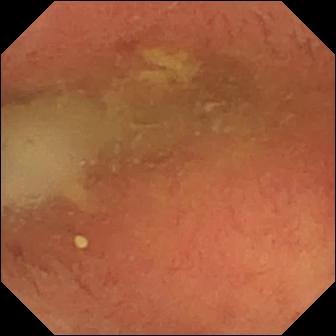Wireless capsule endoscopy view. Taken in the pylorus region (where the capsule passes from the stomach into the small bowel).